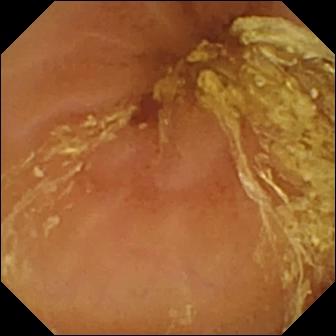Q: What does this VCE frame show?
A: Normal clean mucosa.